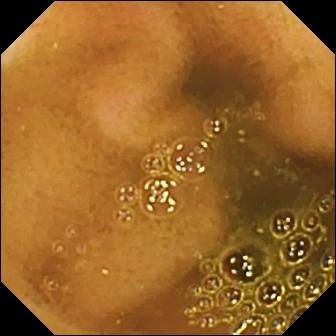Q: Where in the digestive tract was this capsule endoscopy view taken?
A: Ileo-cecal valve region.